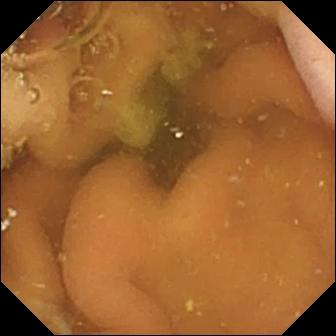Q: Where in the digestive tract was this wireless capsule endoscopy view taken?
A: Pylorus region (the junction between the stomach and the small bowel).